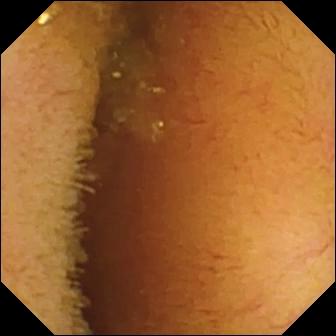PROCEDURE: VCE.
SEGMENT: Small bowel.
FINDINGS: Normal clean mucosa.